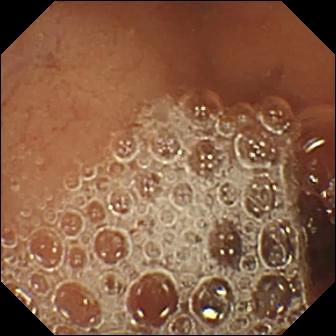Video capsule endoscopy image showing normal clean mucosa.